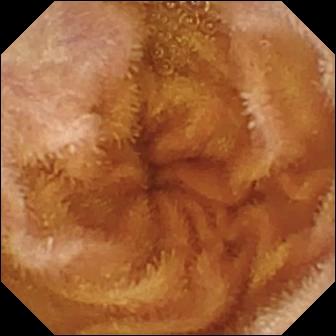- modality: wireless capsule endoscopy
- impression: normal clean mucosa